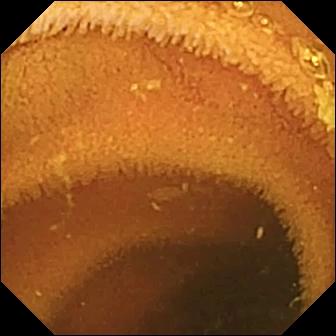This WCE snapshot shows normal clean mucosa.